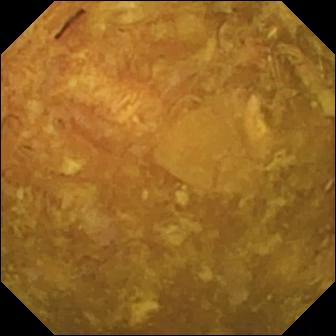modality: WCE | category: luminal finding | finding: reduced mucosal view (content or bubbles obscuring the mucosa)